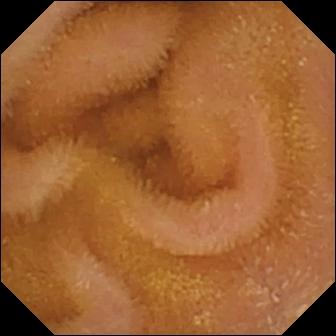Small-bowel capsule endoscopy — normal clean mucosa.